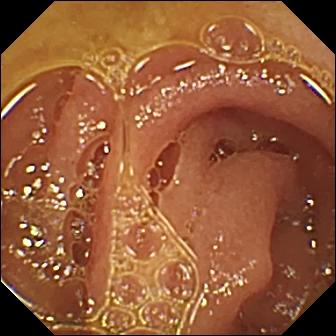Capsule endoscopy image showing normal clean mucosa.